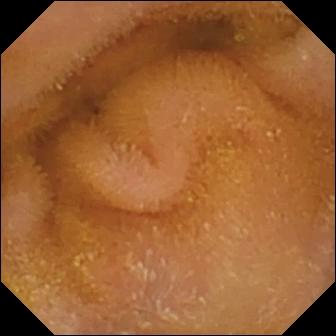Normal clean mucosa — video capsule endoscopy view of the small bowel.